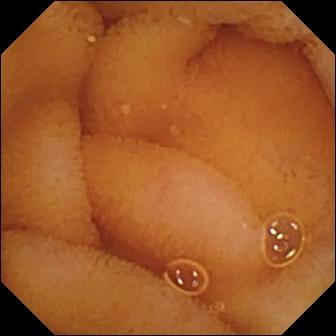modality: WCE
segment: small bowel
observation: normal clean mucosa